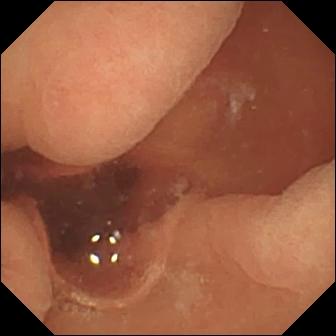This VCE image shows normal clean mucosa.